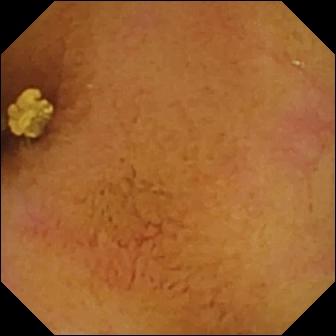modality: capsule endoscopy
label: normal clean mucosa